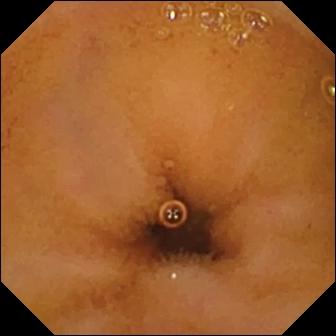{"modality": "VCE", "segment": "small bowel", "finding": "normal clean mucosa"}